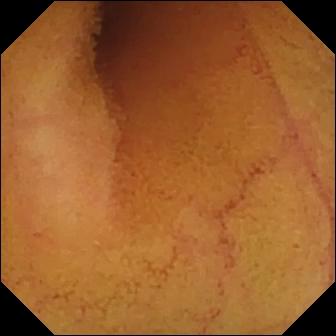Normal clean mucosa — video capsule endoscopy snapshot.